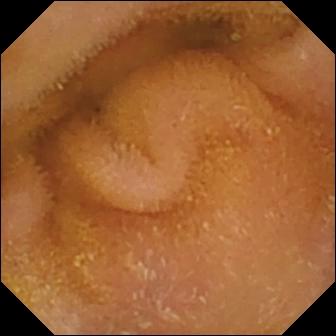- modality: capsule endoscopy
- impression: normal clean mucosa